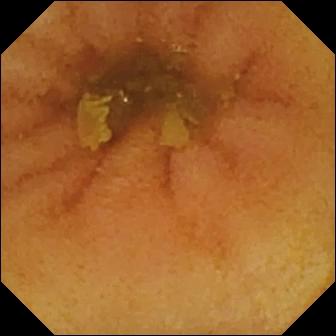VCE. Small intestine. Luminal finding. Label: normal clean mucosa.